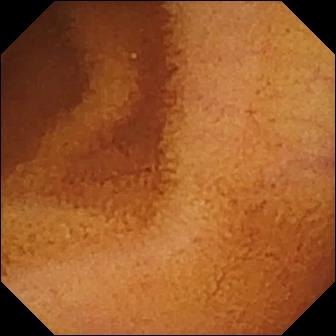modality: capsule endoscopy
segment: small intestine
observation: normal clean mucosa